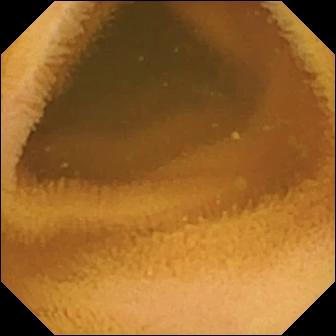Small-bowel capsule endoscopy image, small intestine
Finding: normal clean mucosa